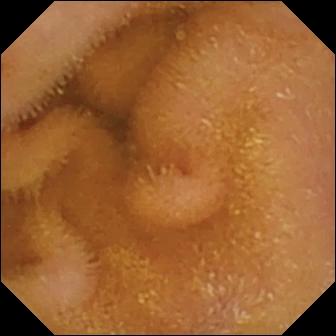{"modality": "video capsule endoscopy", "segment": "small bowel", "finding": "normal clean mucosa"}